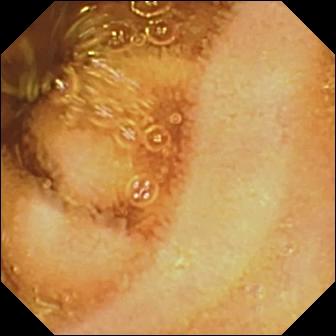This small-bowel capsule endoscopy still shows normal clean mucosa.